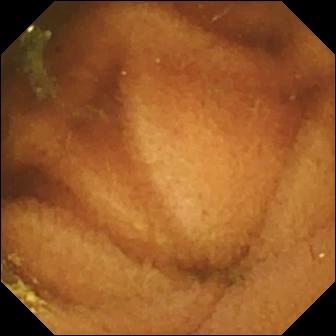Ileo-cecal valve region (where the capsule passes from the small bowel into the large bowel) — small-bowel capsule endoscopy snapshot.